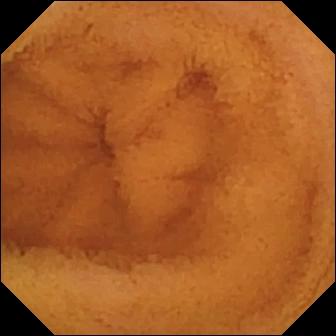Capsule endoscopy view, 336×336. Normal clean mucosa.